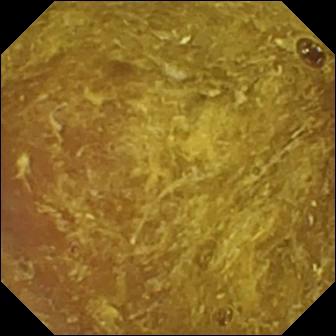Capsule endoscopy. Small bowel. Impression: reduced mucosal view (content or bubbles obscuring the mucosa).